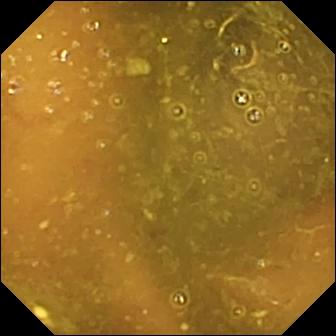- modality: capsule endoscopy
- segment: small intestine
- category: luminal finding
- finding: reduced mucosal view (content or bubbles obscuring the mucosa)